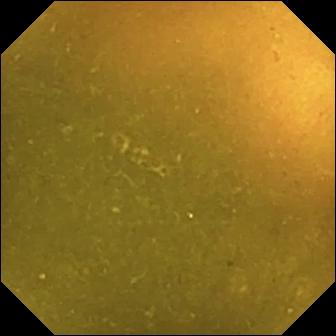VCE still. Taken in the ileo-cecal valve region (the transition from the small bowel to the large bowel).